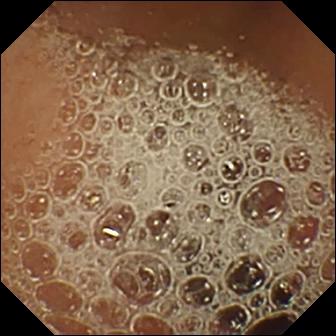PROCEDURE: Wireless capsule endoscopy.
FINDINGS: Normal clean mucosa.